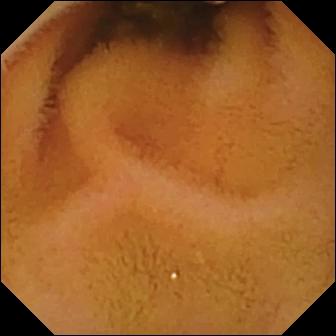{"modality": "VCE", "finding": "normal clean mucosa"}